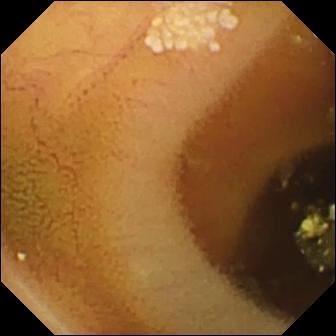- modality: video capsule endoscopy
- impression: lymphangiectasia